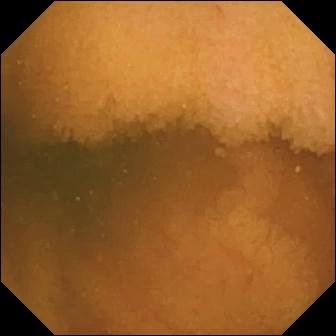WCE still, small bowel
Impression: normal clean mucosa